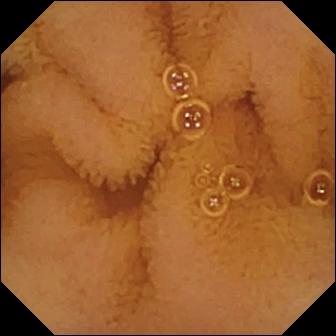Capsule endoscopy — normal clean mucosa.